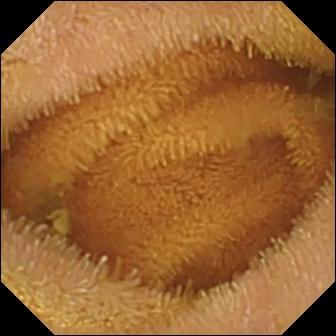Capsule endoscopy still, small bowel
Label: normal clean mucosa